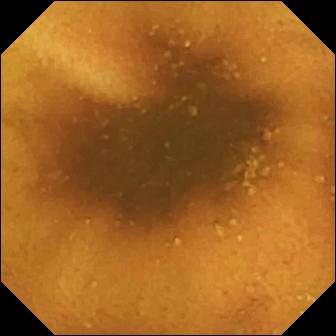Small-bowel capsule endoscopy image
Observation: normal clean mucosa